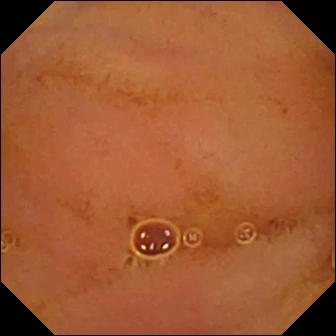Small-bowel capsule endoscopy frame
Impression: normal clean mucosa